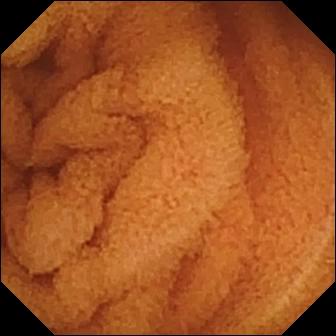PROCEDURE: VCE.
SEGMENT: Small intestine.
FINDINGS: Normal clean mucosa.